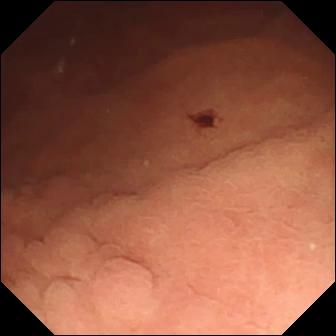{"modality": "capsule endoscopy", "finding": "angiectasia"}